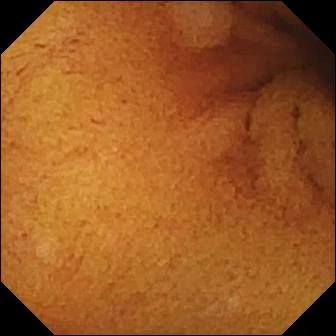Normal clean mucosa.